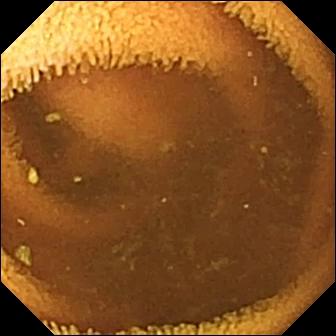Normal clean mucosa.